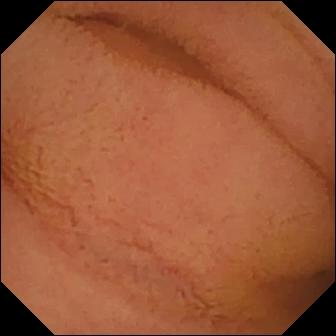Normal clean mucosa (336×336).